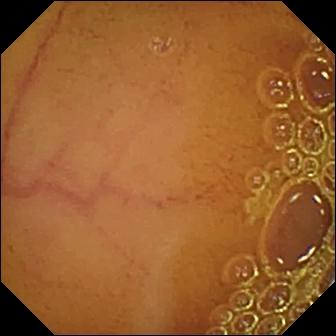Video capsule endoscopy snapshot
Label: normal clean mucosa